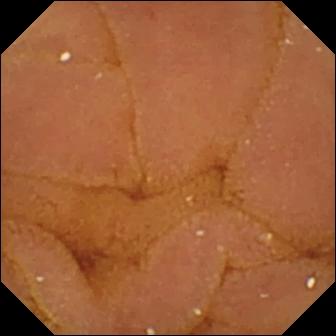Video capsule endoscopy. Label: normal clean mucosa.